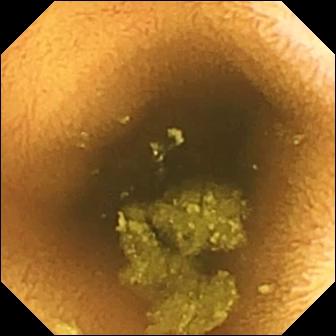This capsule endoscopy view of the small intestine shows normal clean mucosa.